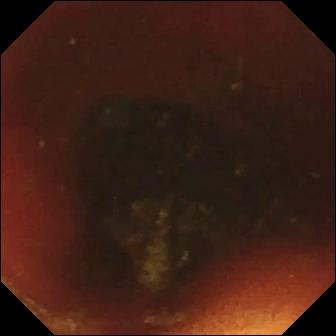VCE image, 336×336. Taken in the ileo-cecal valve region.